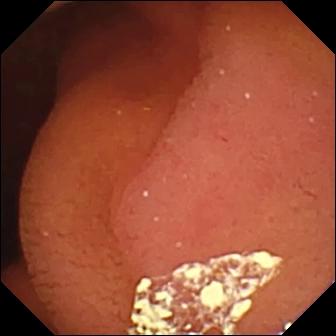Pylorus region (the junction between the stomach and the small bowel).